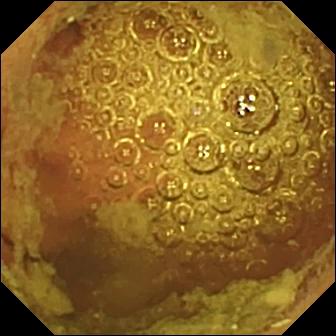Q: What does this small-bowel capsule endoscopy still of the small bowel show?
A: Normal clean mucosa.